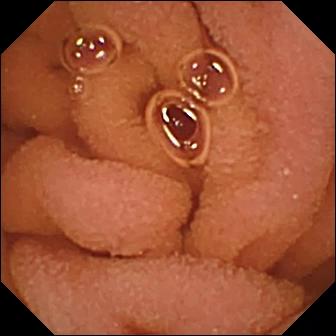VCE still of the small bowel showing normal clean mucosa.